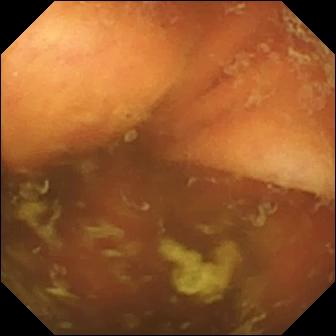Ileo-cecal valve region.